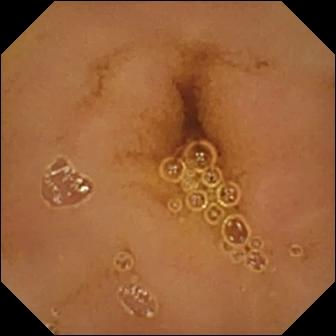PROCEDURE: VCE.
FINDINGS: Normal clean mucosa.